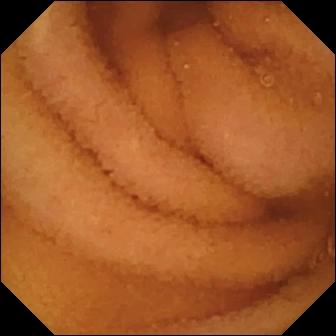This capsule endoscopy image of the small bowel shows normal clean mucosa.